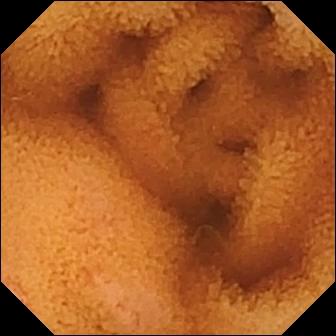{"modality": "video capsule endoscopy", "finding": "normal clean mucosa"}